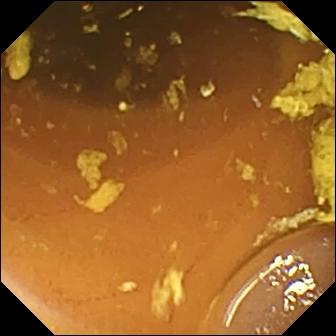Wireless capsule endoscopy still of the small bowel showing normal clean mucosa.